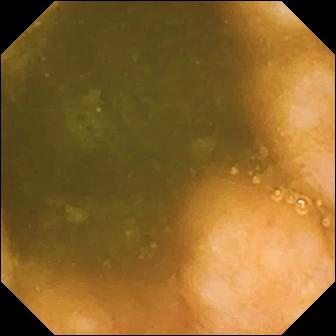Wireless capsule endoscopy view, 336×336. Taken in the ileo-cecal valve region (where the capsule passes from the small bowel into the large bowel).